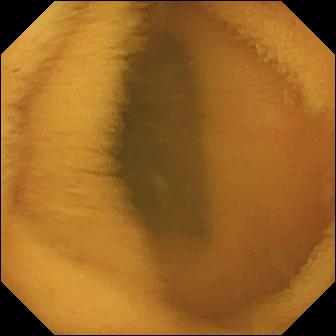WCE image of the small intestine showing normal clean mucosa.